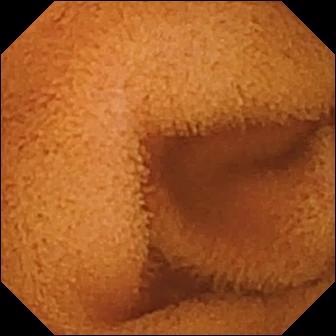Video capsule endoscopy. Finding: normal clean mucosa.